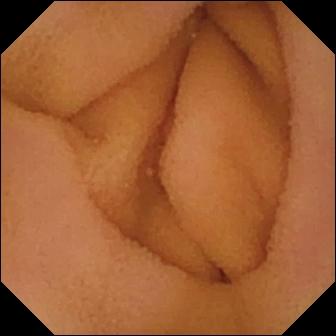{"modality": "video capsule endoscopy", "segment": "small intestine", "category": "luminal finding", "finding": "normal clean mucosa"}